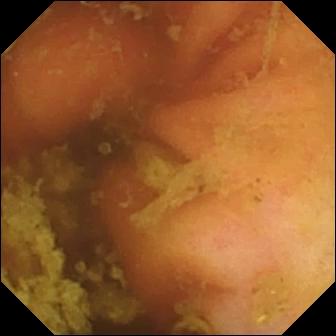Small-bowel capsule endoscopy. Near an anatomical landmark. Location: ileo-cecal valve region (where the capsule passes from the small bowel into the large bowel).